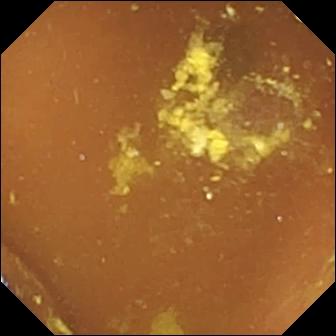Video capsule endoscopy. Luminal finding. Finding: foreign body (e.g. retained capsule, tablet residue).